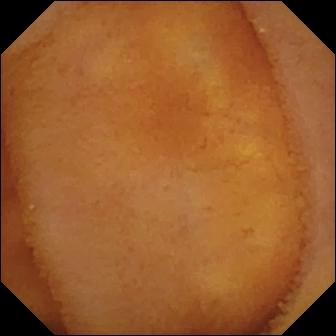modality: small-bowel capsule endoscopy
segment: small bowel
label: normal clean mucosa